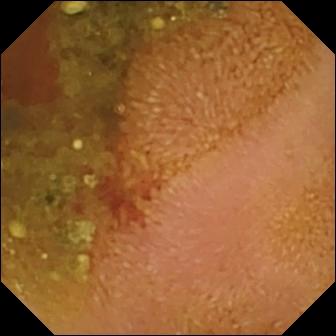Wireless capsule endoscopy — erosion.